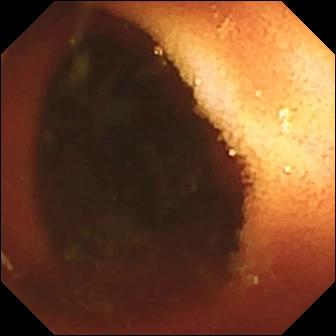- modality: wireless capsule endoscopy
- video segment: ileo-cecal valve region (the transition from the small bowel to the large bowel)